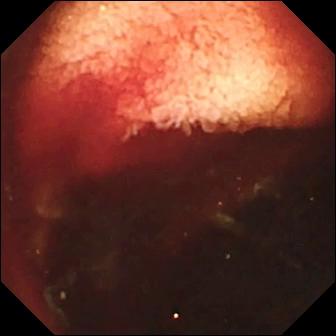VCE image. Fresh blood in the lumen.